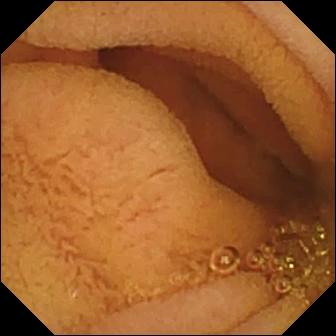Q: What does this wireless capsule endoscopy snapshot show?
A: Normal clean mucosa.